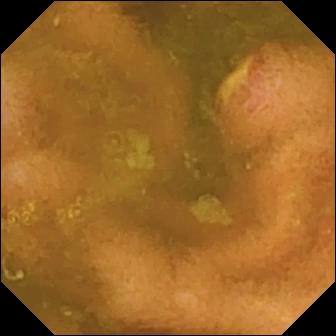modality: VCE
finding: ulcer